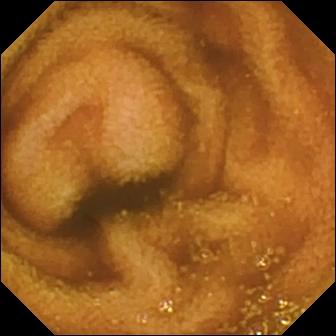{"modality": "wireless capsule endoscopy", "segment": "small intestine", "finding": "normal clean mucosa"}